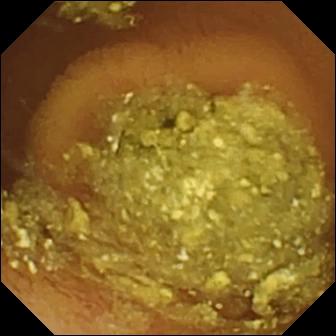{"modality": "WCE", "segment": "small intestine", "finding": "normal clean mucosa"}